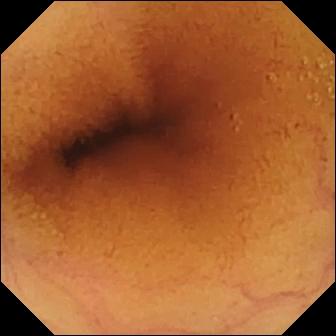This small-bowel capsule endoscopy frame shows normal clean mucosa.